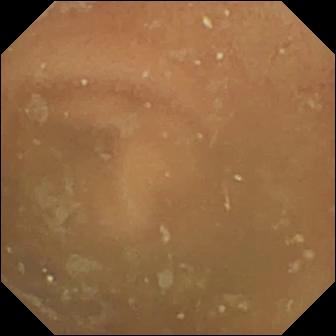WCE snapshot. Normal clean mucosa.